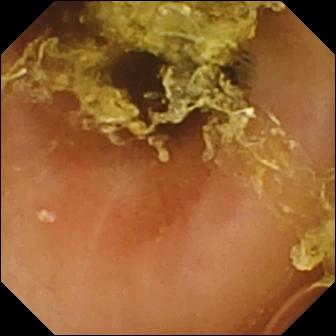modality: capsule endoscopy | segment: small bowel | label: normal clean mucosa